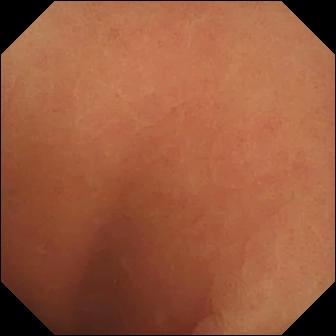Wireless capsule endoscopy — normal clean mucosa.